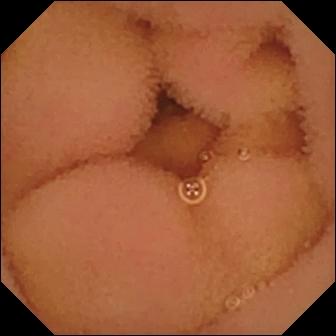Small-bowel capsule endoscopy. Small bowel. Finding: normal clean mucosa.